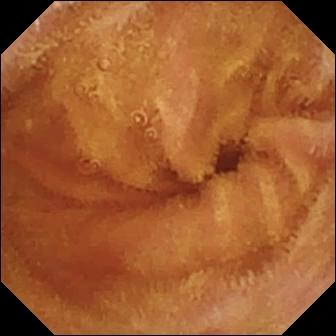{"modality": "video capsule endoscopy", "category": "luminal finding", "finding": "normal clean mucosa"}